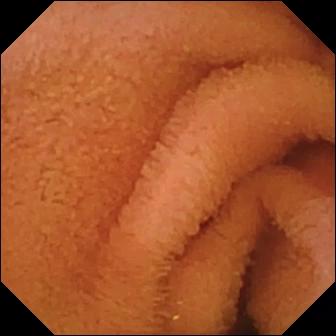- modality: WCE
- segment: small bowel
- label: normal clean mucosa